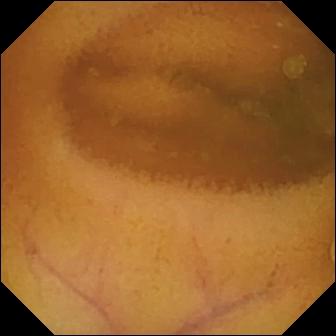WCE — normal clean mucosa.